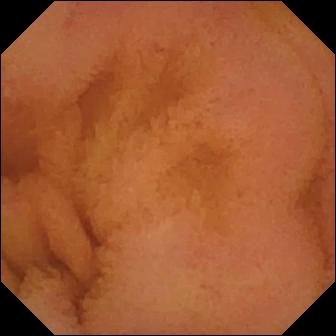Normal clean mucosa — capsule endoscopy frame of the small bowel.